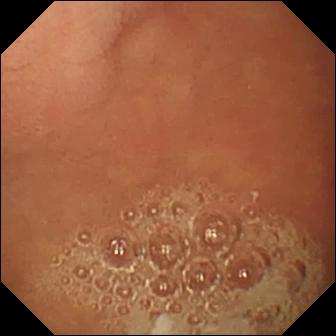Video capsule endoscopy snapshot
Location: pylorus region (the junction between the stomach and the small bowel)